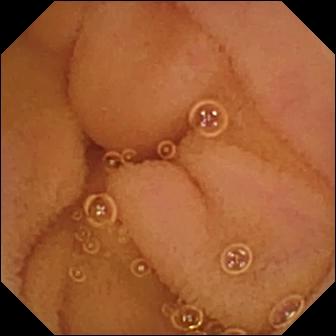{"modality": "VCE", "category": "luminal finding", "finding": "normal clean mucosa"}